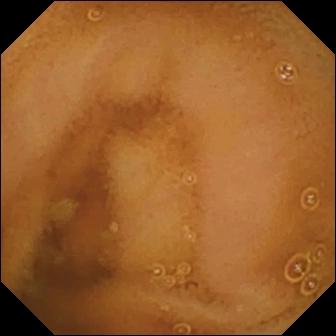Capsule endoscopy image showing normal clean mucosa.